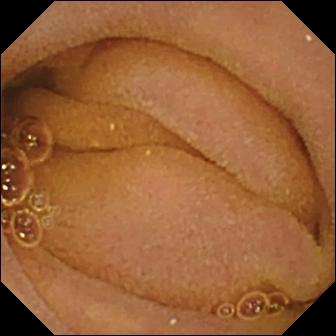Capsule endoscopy image, small intestine
Label: normal clean mucosa